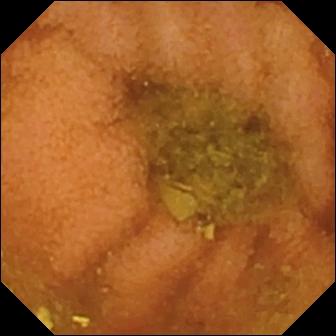PROCEDURE: VCE.
FINDINGS: Normal clean mucosa.